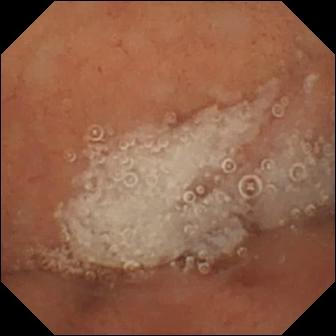This video capsule endoscopy view shows normal clean mucosa.